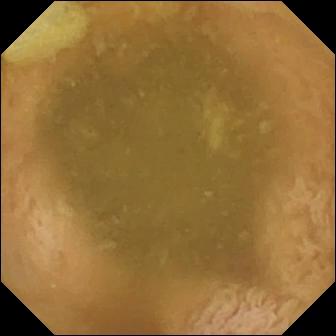Wireless capsule endoscopy. Location: ileo-cecal valve region.